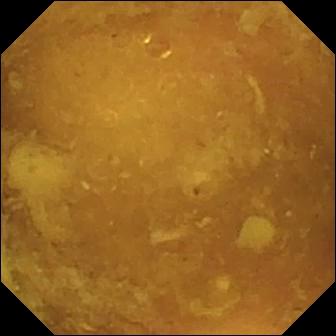PROCEDURE: VCE.
SEGMENT: Small bowel.
FINDINGS: Reduced mucosal view (content or bubbles obscuring the mucosa).